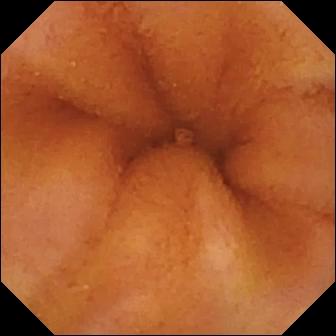PROCEDURE: Video capsule endoscopy.
SEGMENT: Small intestine.
FINDINGS: Normal clean mucosa.